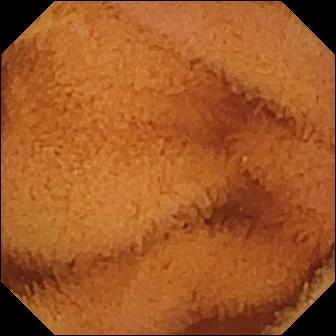PROCEDURE: Video capsule endoscopy.
FINDINGS: Normal clean mucosa.